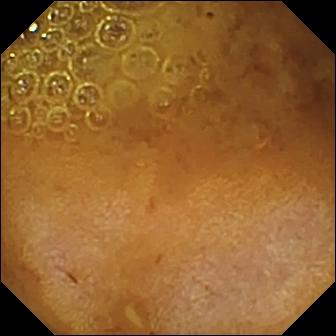Q: What does this video capsule endoscopy view of the small intestine show?
A: Reduced mucosal view (content or bubbles obscuring the mucosa).